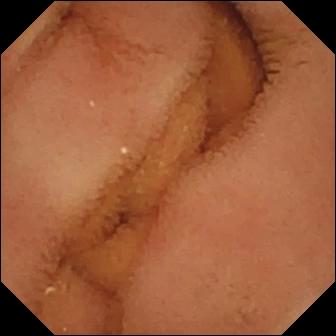Wireless capsule endoscopy frame, small bowel
Label: normal clean mucosa